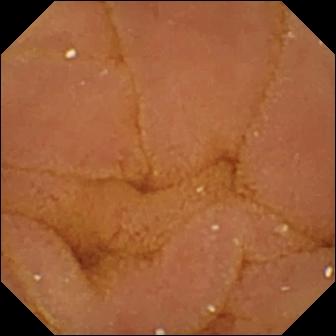{"modality": "small-bowel capsule endoscopy", "segment": "small intestine", "finding": "normal clean mucosa"}